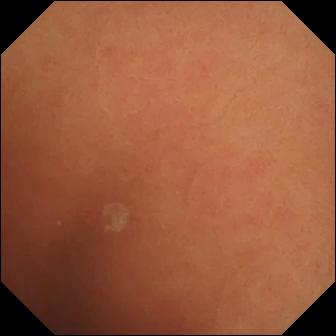Normal clean mucosa — video capsule endoscopy still.